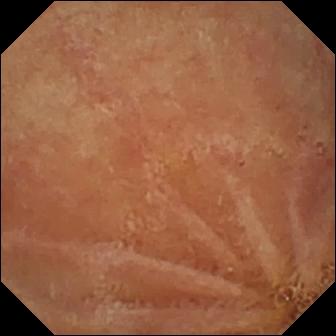VCE — normal clean mucosa.